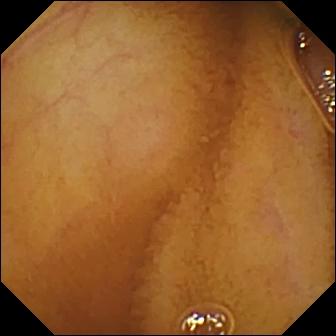Normal clean mucosa — small-bowel capsule endoscopy image of the small intestine.